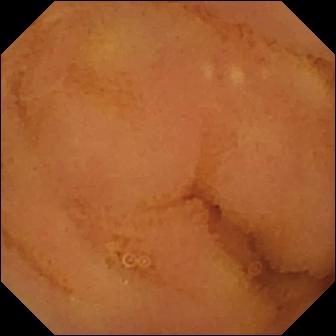Normal clean mucosa — small-bowel capsule endoscopy view of the small intestine.